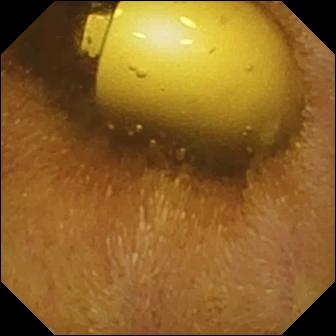Foreign body (e.g. retained capsule, tablet residue) — video capsule endoscopy frame.